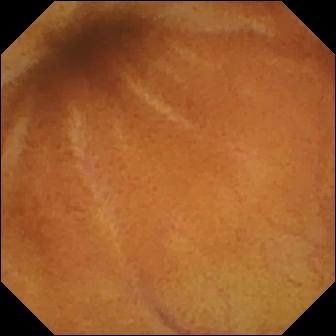Normal clean mucosa.